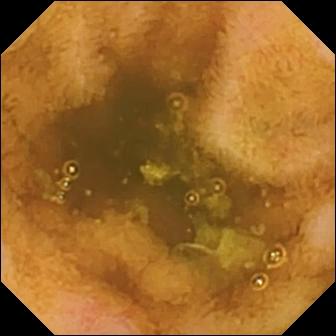Video capsule endoscopy image
Observation: erosion